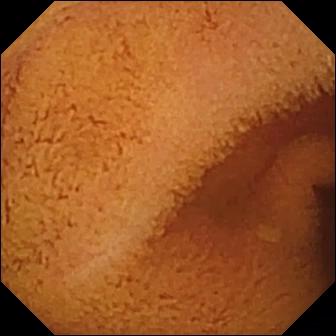- modality: small-bowel capsule endoscopy
- observation: normal clean mucosa